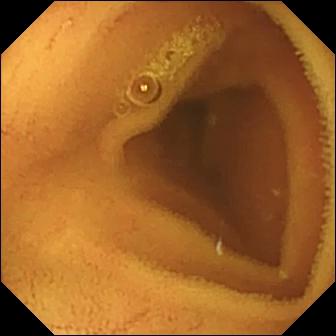Q: What does this wireless capsule endoscopy snapshot of the small bowel show?
A: Normal clean mucosa.